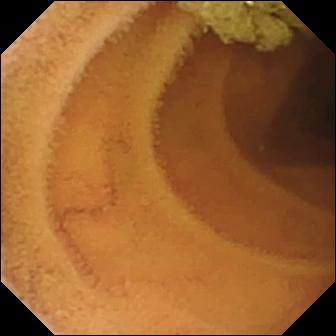{"modality": "video capsule endoscopy", "segment": "small bowel", "category": "luminal finding", "finding": "normal clean mucosa"}